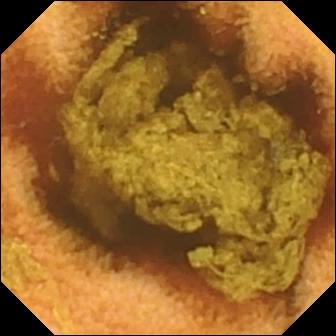Q: What does this video capsule endoscopy image of the small bowel show?
A: Normal clean mucosa.